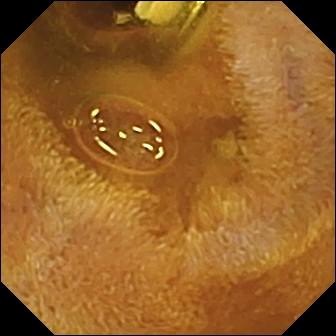Q: What does this capsule endoscopy frame show?
A: Foreign body (e.g. retained capsule, tablet residue).